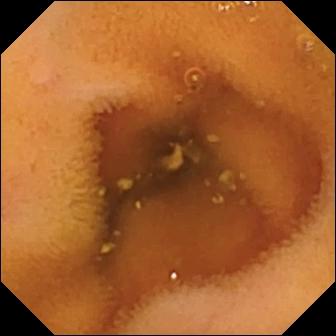Q: What does this small-bowel capsule endoscopy image of the small intestine show?
A: Normal clean mucosa.